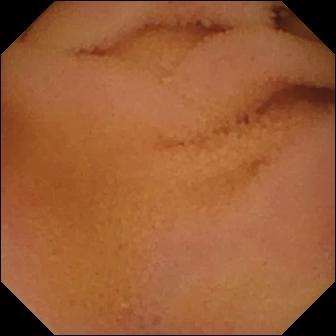Normal clean mucosa.